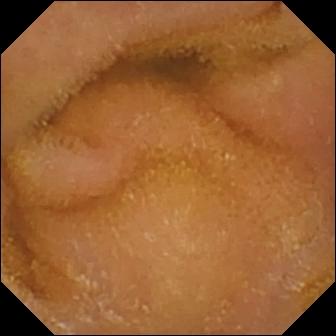Small-bowel capsule endoscopy still (small intestine), 336×336. Normal clean mucosa.